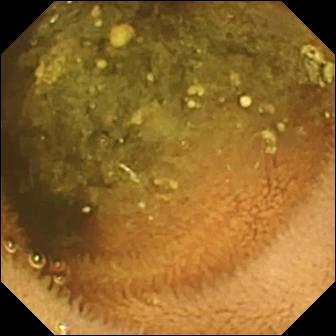Reduced mucosal view (content or bubbles obscuring the mucosa) — capsule endoscopy frame of the small bowel.